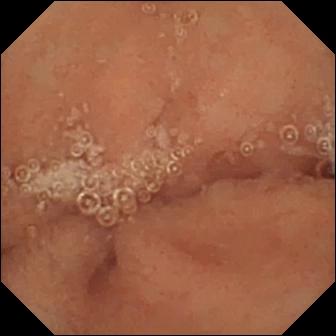Capsule endoscopy still (small bowel), 336×336. Normal clean mucosa.